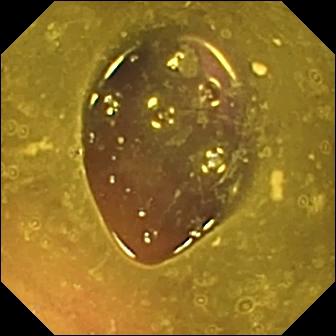modality: wireless capsule endoscopy
segment: small intestine
finding: reduced mucosal view (content or bubbles obscuring the mucosa)